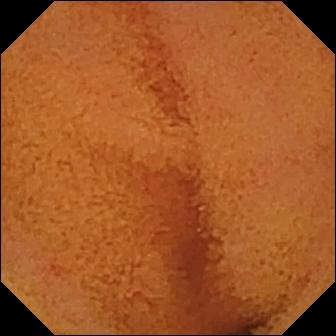- modality: wireless capsule endoscopy
- segment: small bowel
- impression: normal clean mucosa